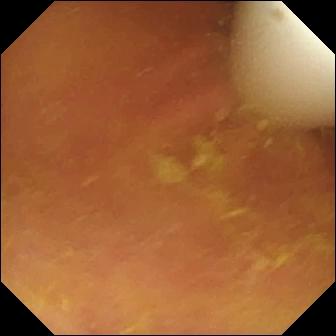Foreign body (e.g. retained capsule, tablet residue) — video capsule endoscopy image.